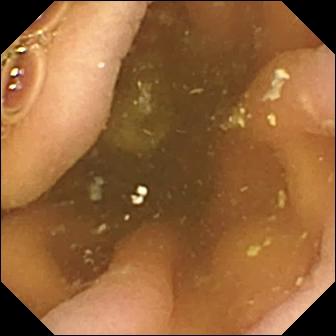VCE. Video segment: pylorus region.